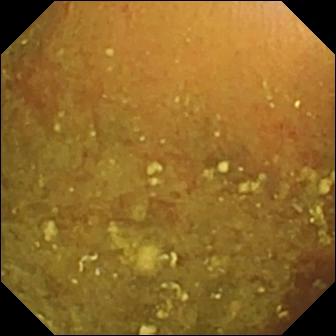Capsule endoscopy — reduced mucosal view (content or bubbles obscuring the mucosa).